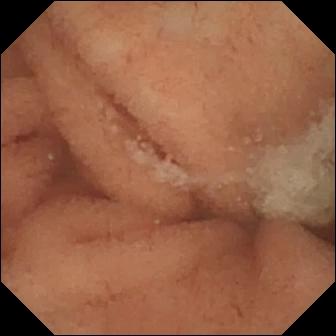modality: wireless capsule endoscopy | segment: small bowel | observation: normal clean mucosa